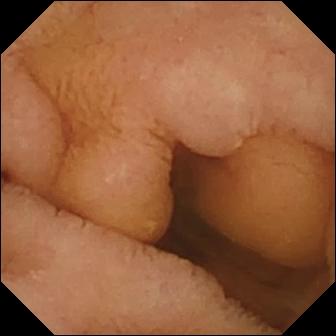Normal clean mucosa.